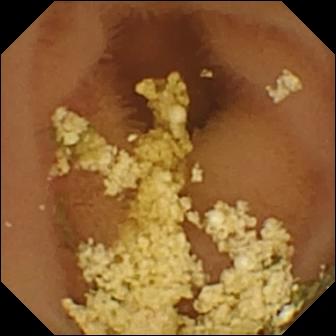PROCEDURE: Small-bowel capsule endoscopy.
FINDINGS: Normal clean mucosa.